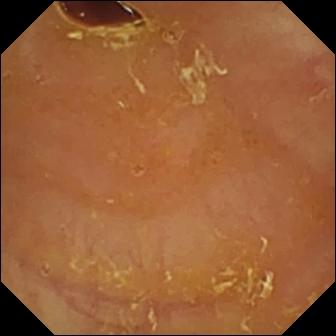Reduced mucosal view (content or bubbles obscuring the mucosa).